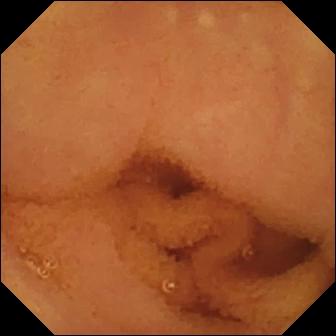VCE. Impression: normal clean mucosa.